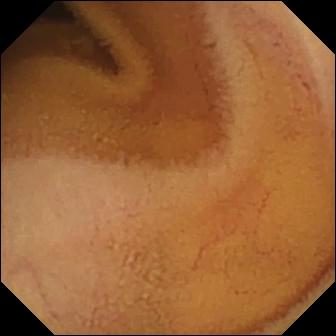Small-bowel capsule endoscopy snapshot of the small bowel showing normal clean mucosa.